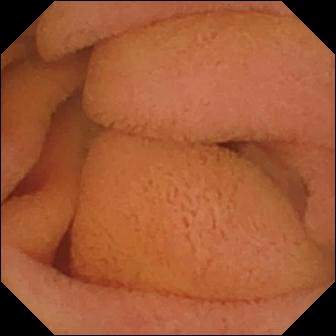Video capsule endoscopy snapshot, small intestine
Finding: normal clean mucosa